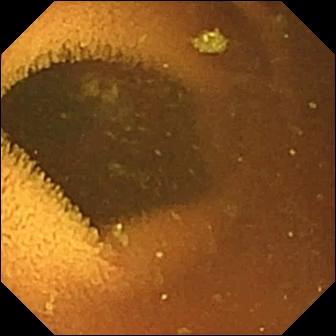modality: video capsule endoscopy; segment: small bowel; finding: normal clean mucosa